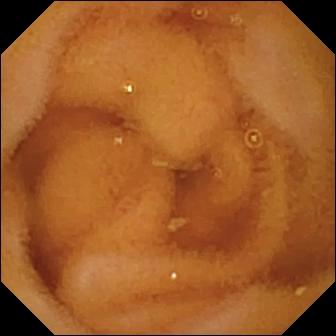Normal clean mucosa — capsule endoscopy frame.